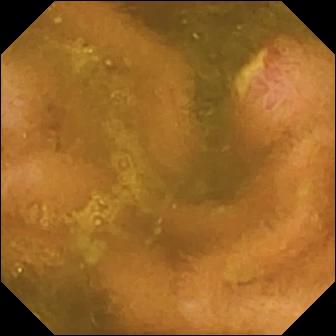This video capsule endoscopy view shows ulcer.